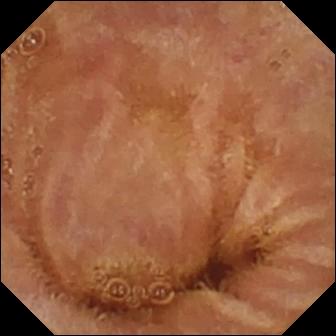modality: small-bowel capsule endoscopy; finding: normal clean mucosa